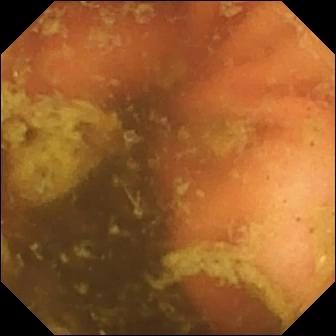Small-bowel capsule endoscopy image
Label: ileo-cecal valve region (the transition from the small bowel to the large bowel)